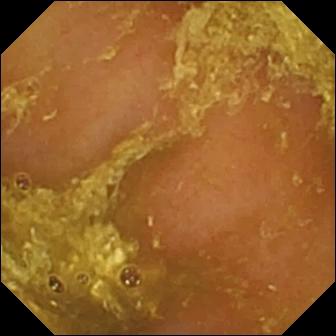PROCEDURE: WCE.
FINDINGS: Reduced mucosal view (content or bubbles obscuring the mucosa).